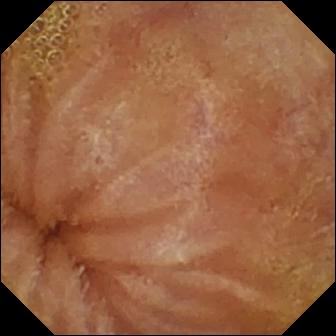Normal clean mucosa.